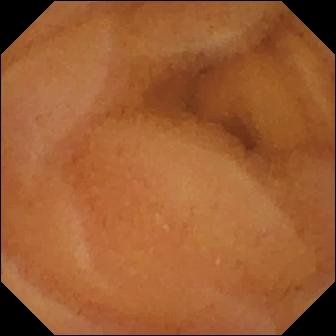modality: wireless capsule endoscopy
finding: normal clean mucosa